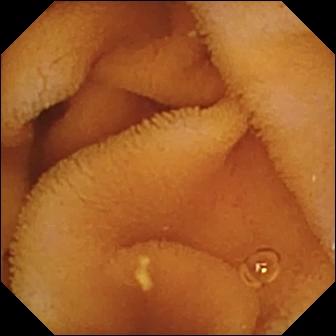{"modality": "capsule endoscopy", "segment": "small intestine", "finding": "normal clean mucosa"}